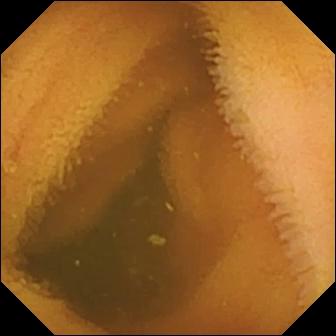WCE frame showing normal clean mucosa.